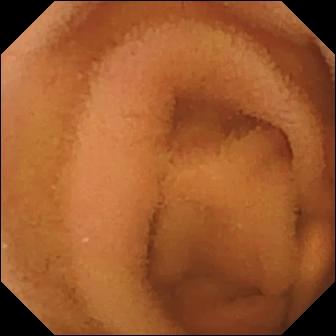{"modality": "WCE", "finding": "normal clean mucosa"}